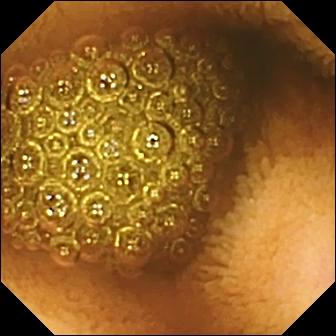Reduced mucosal view (content or bubbles obscuring the mucosa).